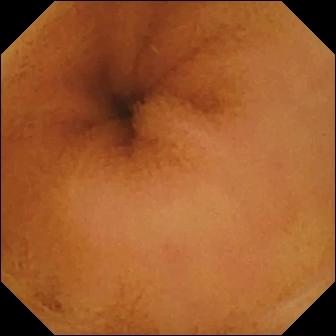{"modality": "small-bowel capsule endoscopy", "segment": "small bowel", "category": "luminal finding", "finding": "normal clean mucosa"}